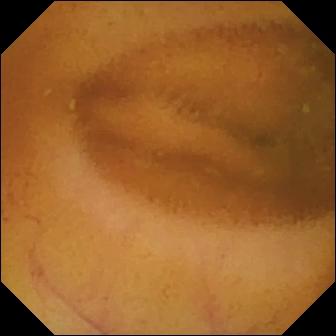modality: WCE | segment: small bowel | category: luminal finding | label: normal clean mucosa